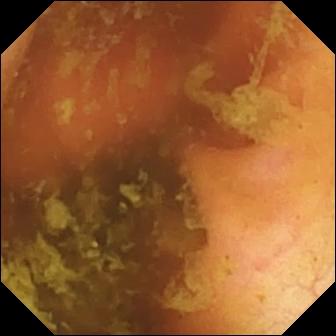{"modality": "video capsule endoscopy", "video_segment": "ileo-cecal valve region (where the capsule passes from the small bowel into the large bowel)"}